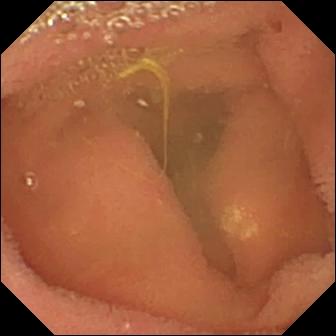- modality: video capsule endoscopy
- observation: lymphangiectasia